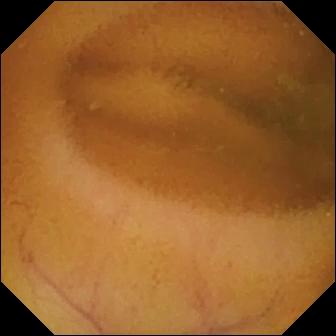- modality: VCE
- category: luminal finding
- observation: normal clean mucosa